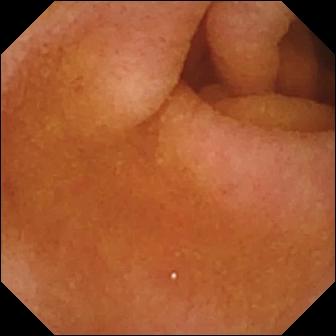VCE — pylorus region (the junction between the stomach and the small bowel).